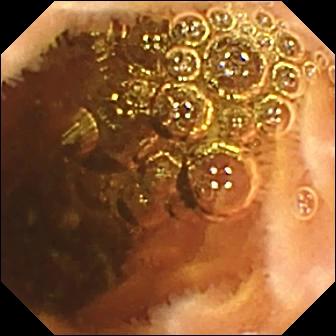VCE still, small intestine
Finding: normal clean mucosa